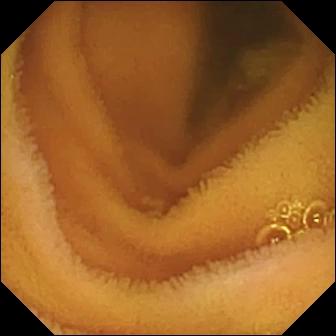PROCEDURE: Capsule endoscopy.
SEGMENT: Small intestine.
FINDINGS: Normal clean mucosa.